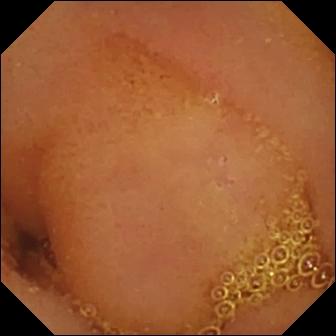WCE still showing normal clean mucosa.